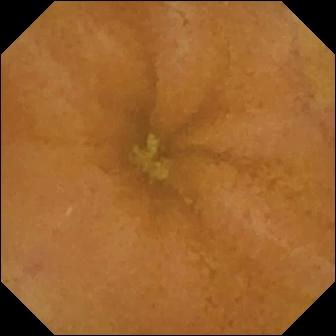This VCE view of the small bowel shows normal clean mucosa.